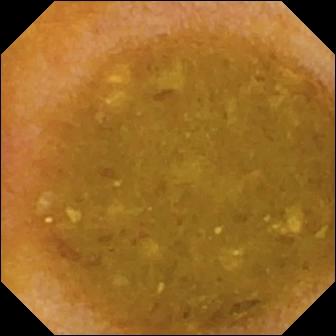This video capsule endoscopy snapshot shows reduced mucosal view (content or bubbles obscuring the mucosa).